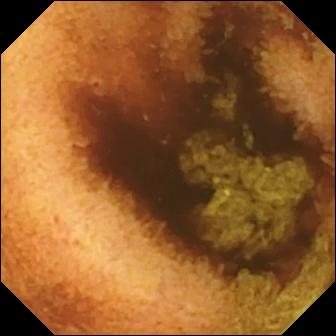This wireless capsule endoscopy still of the small intestine shows normal clean mucosa.